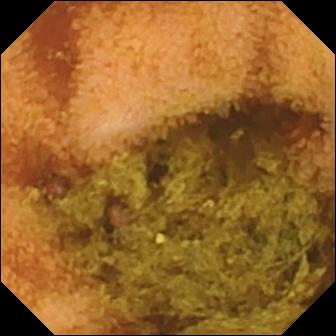Normal clean mucosa.